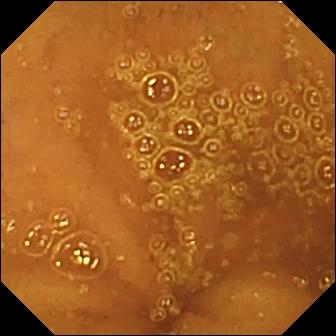PROCEDURE: VCE.
SEGMENT: Small intestine.
FINDINGS: Normal clean mucosa.